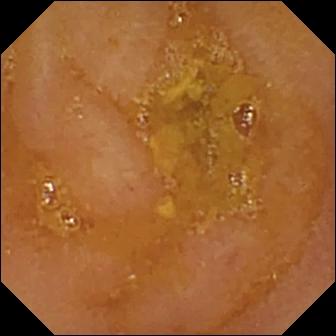PROCEDURE: Small-bowel capsule endoscopy.
FINDINGS: Reduced mucosal view (content or bubbles obscuring the mucosa).